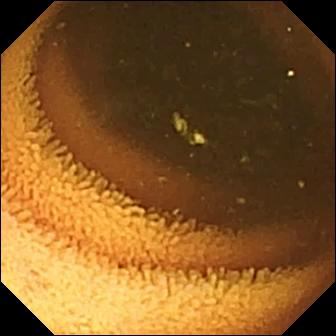Q: What does this small-bowel capsule endoscopy view of the small intestine show?
A: Normal clean mucosa.